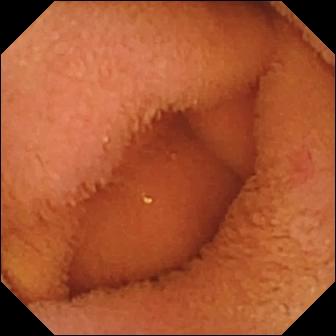Wireless capsule endoscopy frame
Observation: normal clean mucosa